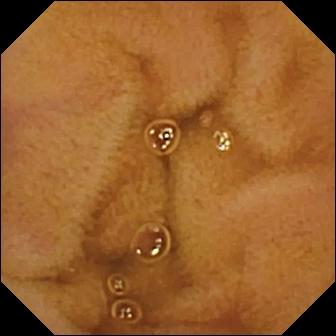Capsule endoscopy still
Observation: normal clean mucosa